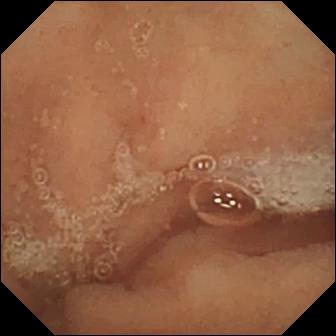Q: What does this VCE view show?
A: Normal clean mucosa.